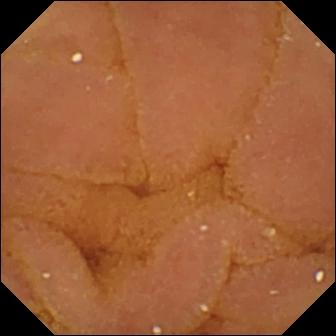Normal clean mucosa — WCE snapshot of the small intestine.